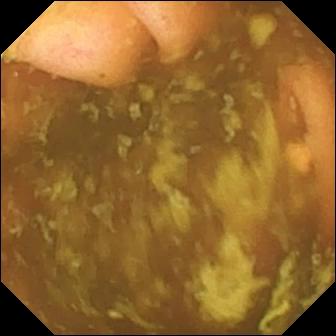Capsule endoscopy. Label: ileo-cecal valve region.